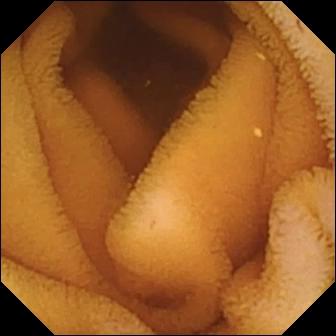- modality: video capsule endoscopy
- category: luminal finding
- label: normal clean mucosa